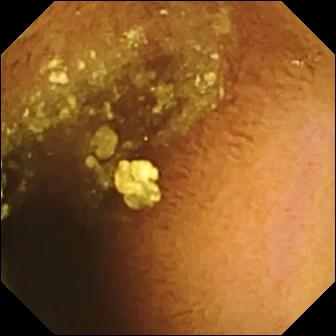WCE. Luminal finding. Finding: normal clean mucosa.